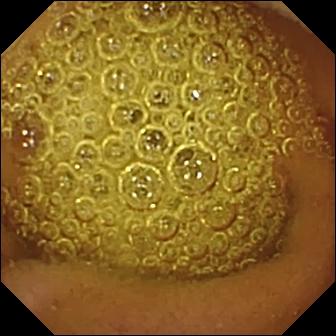Normal clean mucosa — small-bowel capsule endoscopy view.